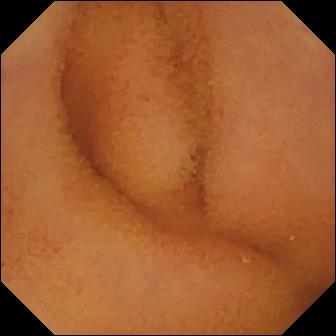WCE — normal clean mucosa.